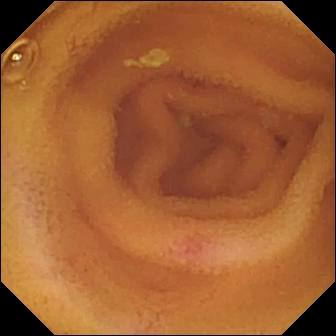modality: wireless capsule endoscopy; finding: angiectasia